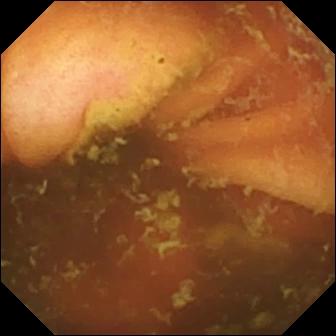This capsule endoscopy frame was taken in the ileo-cecal valve region.